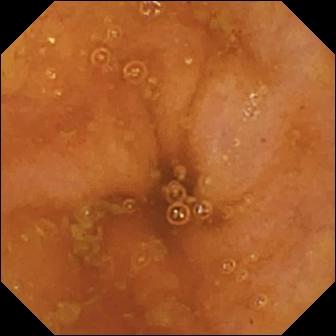Capsule endoscopy still
Video segment: ileo-cecal valve region (where the capsule passes from the small bowel into the large bowel)